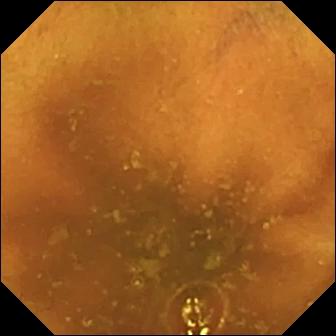modality: video capsule endoscopy; segment: small intestine; finding: normal clean mucosa